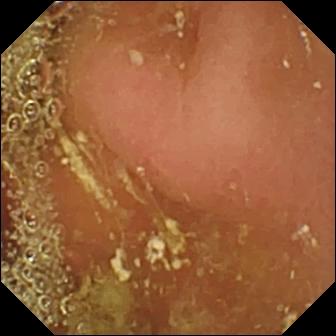{"modality": "VCE", "video_segment": "pylorus region (the junction between the stomach and the small bowel)"}